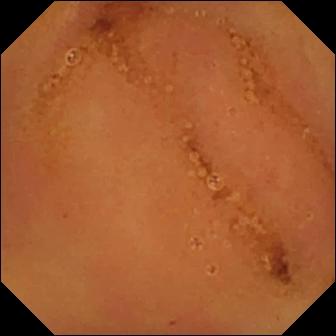Small-bowel capsule endoscopy snapshot of the small intestine showing normal clean mucosa.